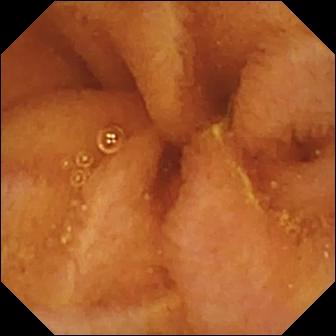Q: What does this capsule endoscopy still show?
A: Normal clean mucosa.